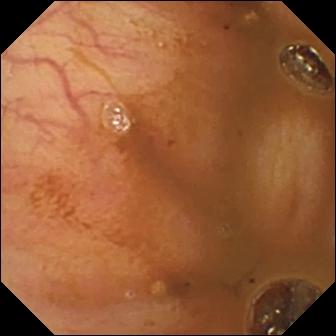- modality: wireless capsule endoscopy
- category: anatomical landmark
- location: ileo-cecal valve region (where the capsule passes from the small bowel into the large bowel)